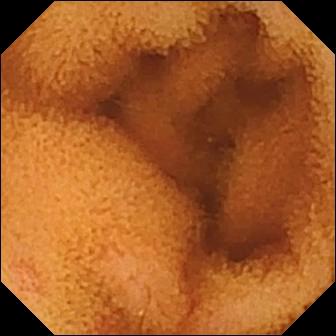Small-bowel capsule endoscopy snapshot, small bowel
Observation: normal clean mucosa